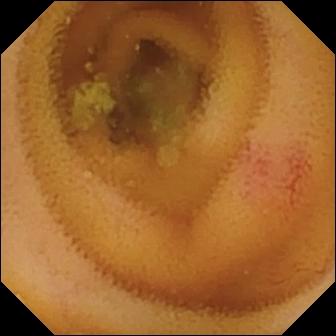Capsule endoscopy. Impression: angiectasia.